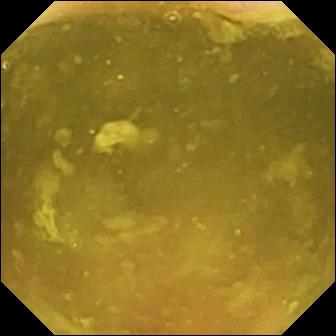{"modality": "capsule endoscopy", "location": "ileo-cecal valve region"}